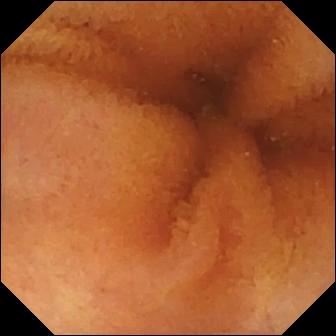Video capsule endoscopy still of the small bowel showing normal clean mucosa.